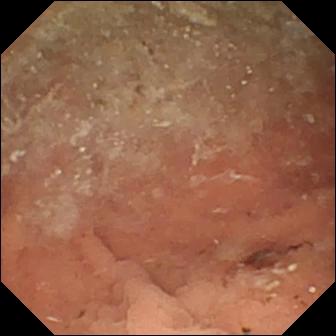Wireless capsule endoscopy. Finding: angiectasia.